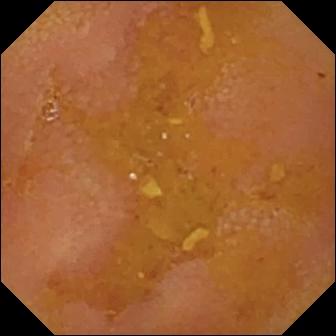This video capsule endoscopy still shows reduced mucosal view (content or bubbles obscuring the mucosa).